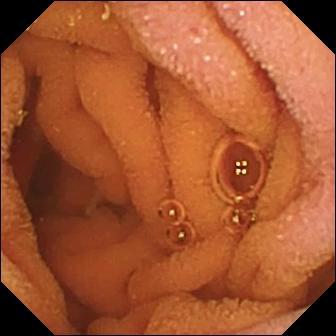Video capsule endoscopy snapshot, small intestine
Observation: normal clean mucosa